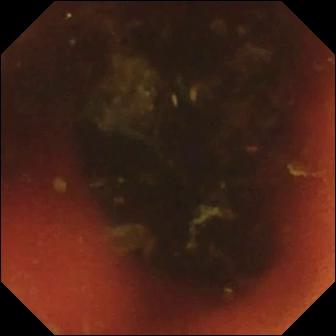Ileo-cecal valve region (the transition from the small bowel to the large bowel).